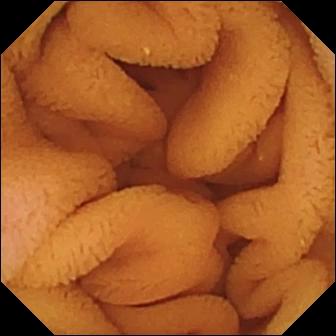WCE frame (small bowel). Normal clean mucosa.